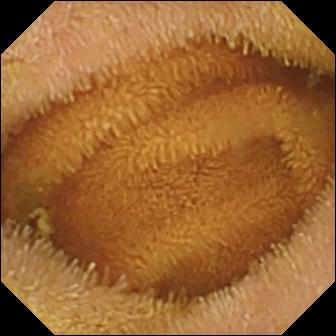Wireless capsule endoscopy image (small bowel), 336×336. Normal clean mucosa.